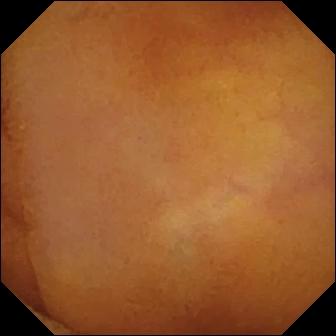This wireless capsule endoscopy view of the small bowel shows normal clean mucosa.